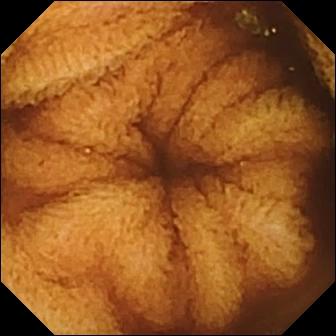modality: small-bowel capsule endoscopy | observation: normal clean mucosa